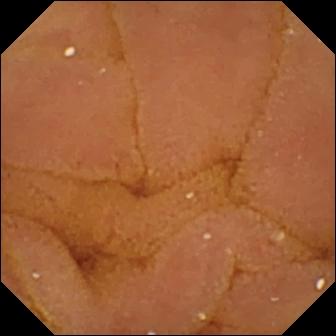This capsule endoscopy frame shows normal clean mucosa.